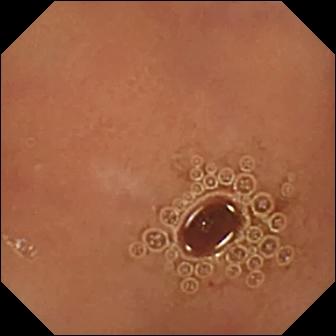Normal clean mucosa.